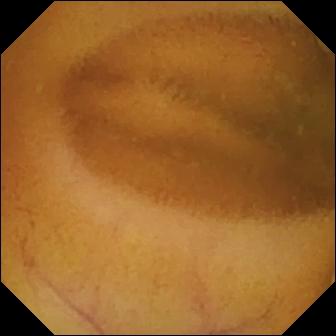{"modality": "small-bowel capsule endoscopy", "segment": "small intestine", "finding": "normal clean mucosa"}